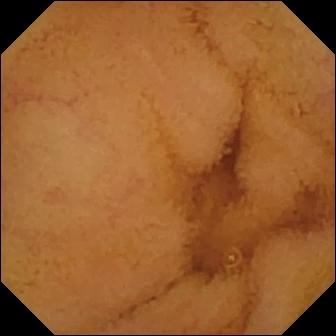{"modality": "wireless capsule endoscopy", "category": "luminal finding", "finding": "normal clean mucosa"}